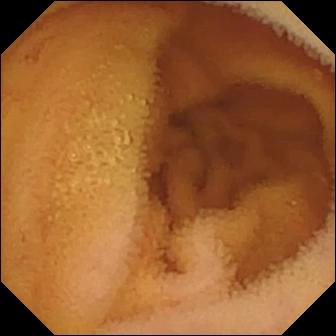PROCEDURE: Capsule endoscopy.
SEGMENT: Small bowel.
FINDINGS: Normal clean mucosa.